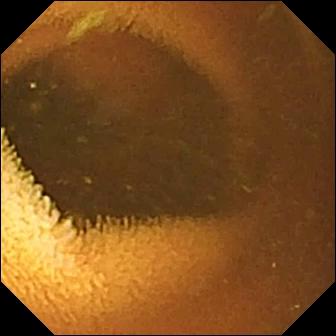This capsule endoscopy still of the small intestine shows normal clean mucosa.